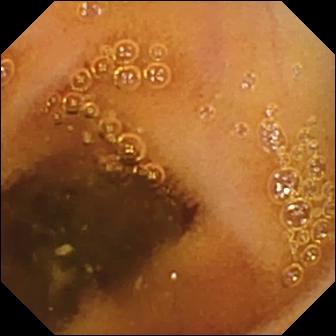Wireless capsule endoscopy view
Observation: normal clean mucosa